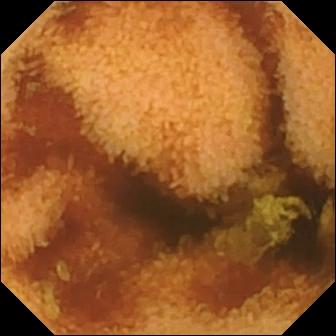WCE still, small intestine
Observation: normal clean mucosa